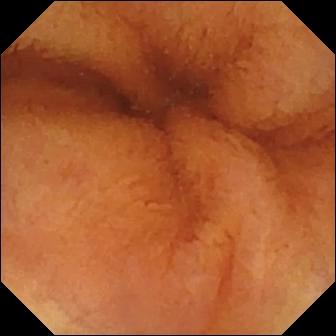This VCE image shows normal clean mucosa.